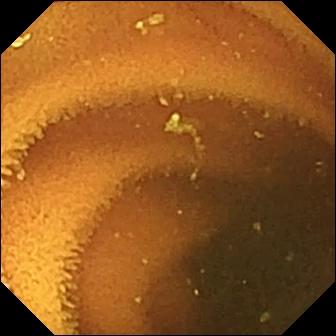This video capsule endoscopy still shows normal clean mucosa.